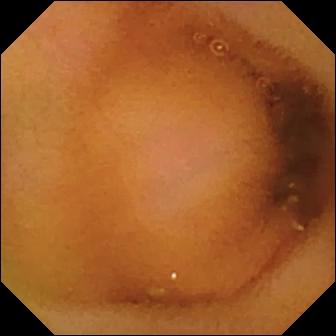Normal clean mucosa — capsule endoscopy still.